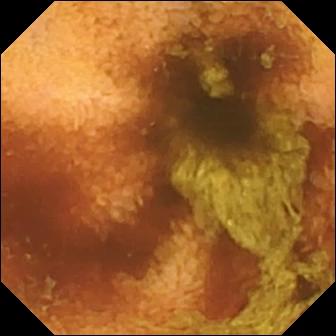Normal clean mucosa — capsule endoscopy snapshot of the small bowel.